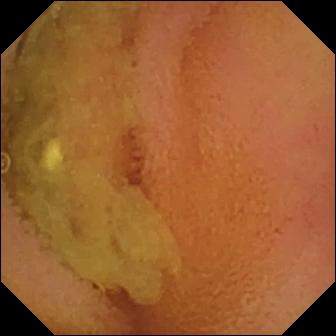Video capsule endoscopy. Luminal finding. Label: normal clean mucosa.